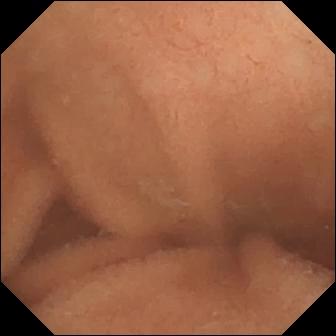- modality: video capsule endoscopy
- segment: small intestine
- finding: normal clean mucosa